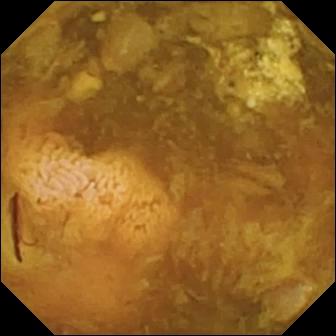modality: WCE | segment: small intestine | finding: reduced mucosal view (content or bubbles obscuring the mucosa)